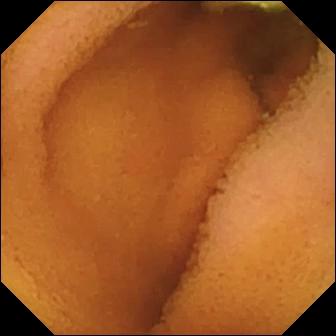PROCEDURE: WCE.
SEGMENT: Small intestine.
FINDINGS: Normal clean mucosa.